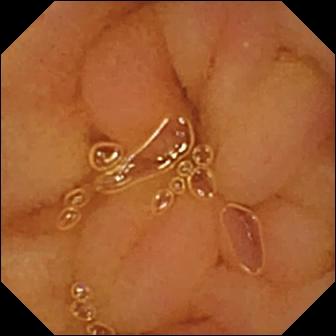Q: What does this wireless capsule endoscopy frame of the small bowel show?
A: Normal clean mucosa.